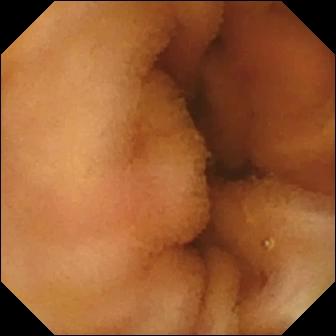WCE. Finding: normal clean mucosa.